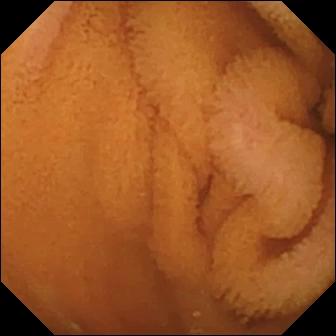modality: capsule endoscopy | segment: small intestine | observation: normal clean mucosa